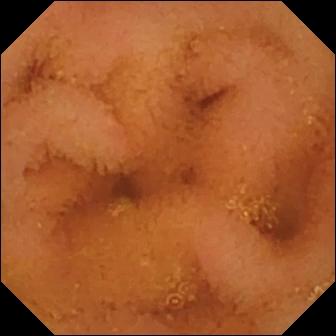{"modality": "WCE", "segment": "small intestine", "finding": "normal clean mucosa"}